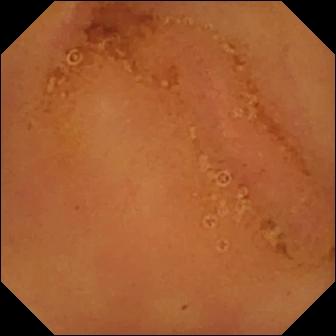Normal clean mucosa.